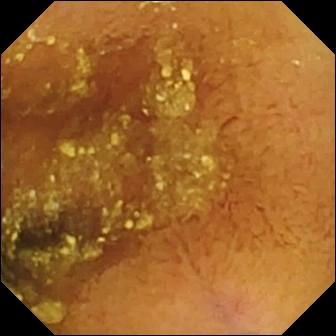Normal clean mucosa.